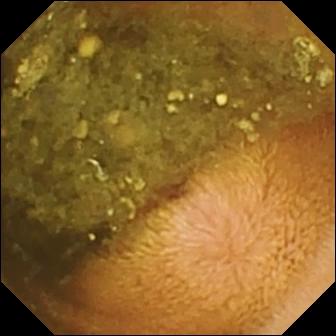Wireless capsule endoscopy. Small intestine. Observation: reduced mucosal view (content or bubbles obscuring the mucosa).